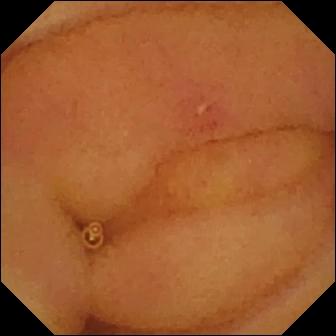- modality: video capsule endoscopy
- category: luminal finding
- finding: erosion